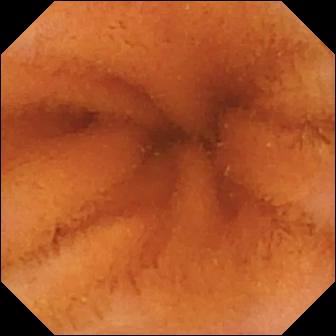- modality: video capsule endoscopy
- label: normal clean mucosa